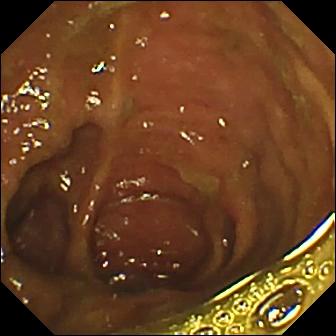Ileo-cecal valve region.